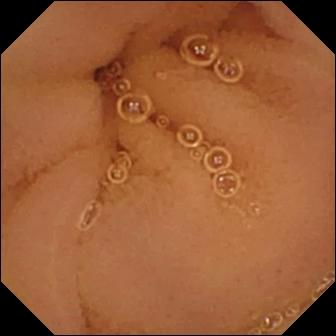Capsule endoscopy snapshot, small bowel
Label: normal clean mucosa